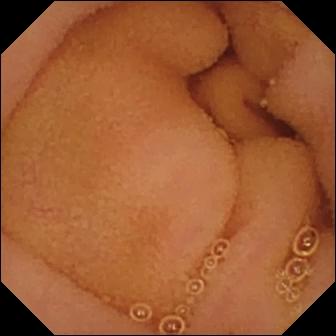PROCEDURE: WCE.
SEGMENT: Small intestine.
FINDINGS: Normal clean mucosa.